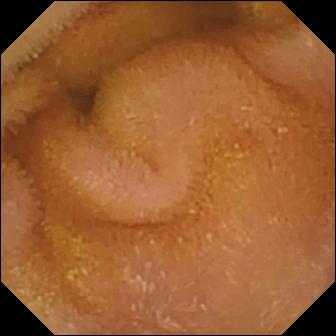Video capsule endoscopy. Luminal finding. Observation: normal clean mucosa.